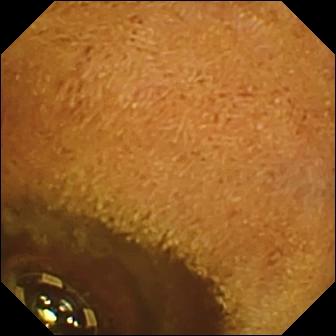Foreign body (e.g. retained capsule, tablet residue) — capsule endoscopy snapshot.